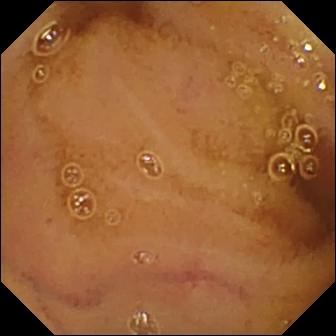This wireless capsule endoscopy snapshot shows normal clean mucosa.